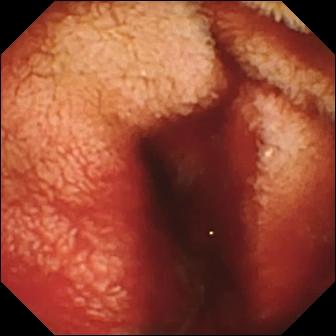Fresh blood in the lumen.